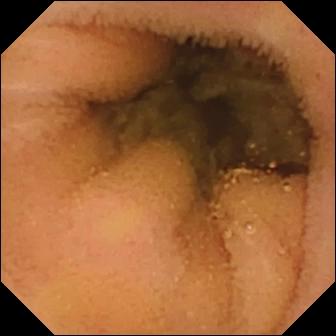Normal clean mucosa — wireless capsule endoscopy view.